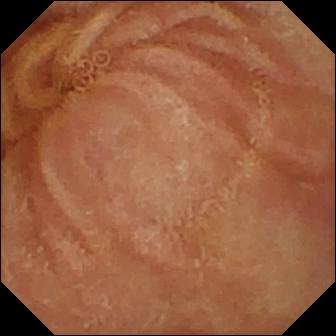PROCEDURE: Video capsule endoscopy.
SEGMENT: Small intestine.
FINDINGS: Normal clean mucosa.